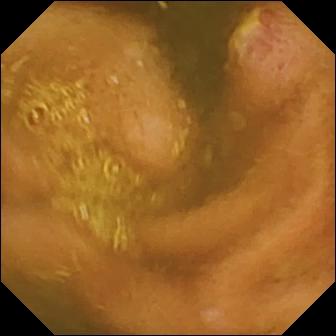This small-bowel capsule endoscopy frame shows ulcer.